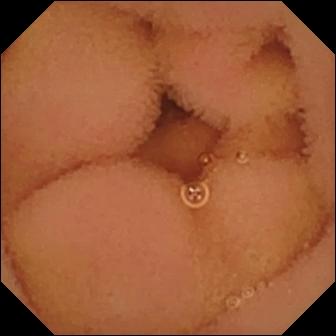{"modality": "video capsule endoscopy", "finding": "normal clean mucosa"}